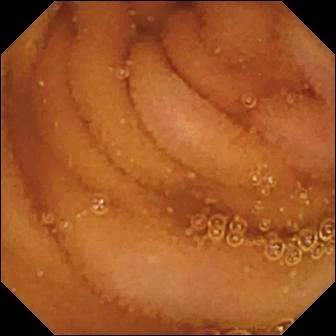VCE still showing normal clean mucosa.